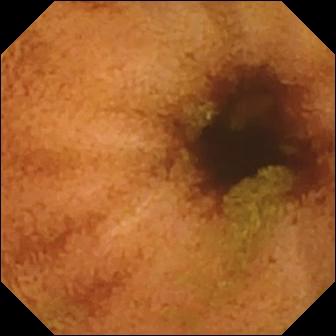Video capsule endoscopy frame (small intestine). Normal clean mucosa.